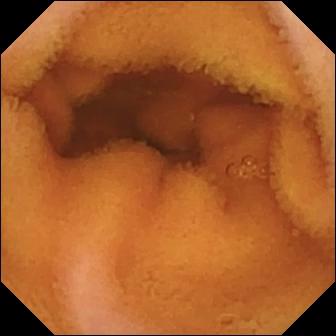- modality: capsule endoscopy
- segment: small bowel
- finding: normal clean mucosa